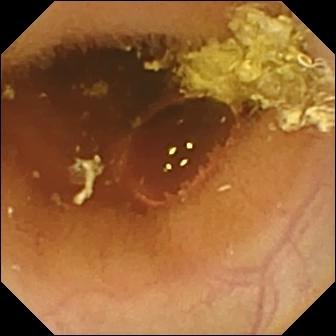Capsule endoscopy still (small bowel), 336×336. Normal clean mucosa.